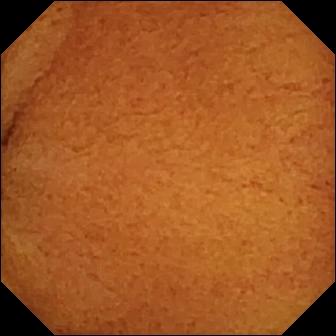Small-bowel capsule endoscopy. Small intestine. Observation: normal clean mucosa.